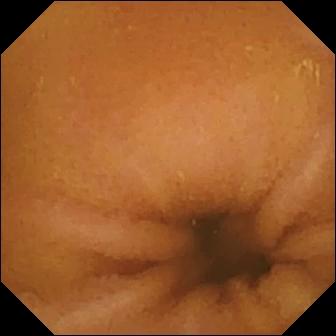VCE. Small intestine. Luminal finding. Label: normal clean mucosa.